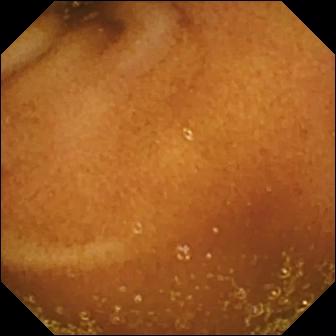Capsule endoscopy — normal clean mucosa.